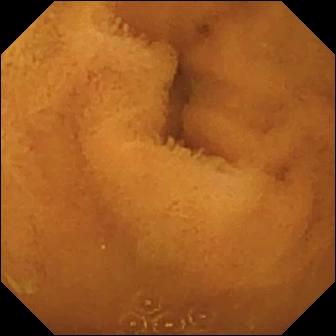Capsule endoscopy — normal clean mucosa.